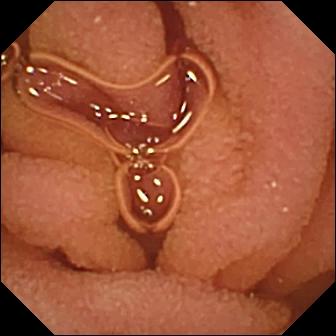This VCE view of the small bowel shows normal clean mucosa.